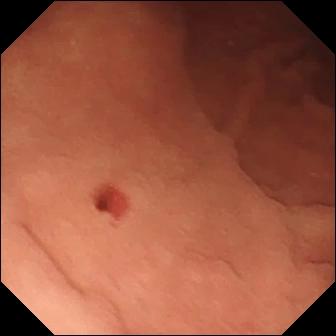Angiectasia — VCE still.